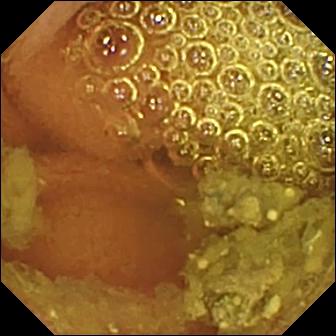modality: WCE | category: luminal finding | label: normal clean mucosa